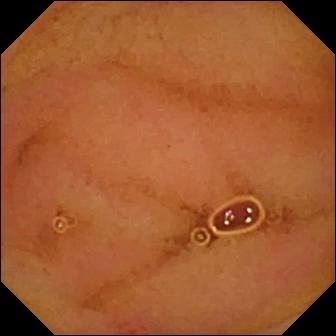VCE image (small bowel). Normal clean mucosa.